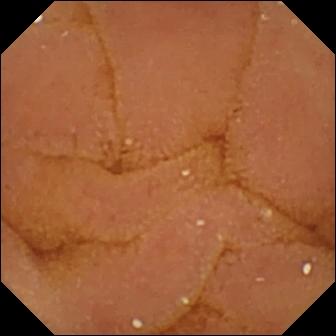{"modality": "video capsule endoscopy", "category": "luminal finding", "finding": "normal clean mucosa"}